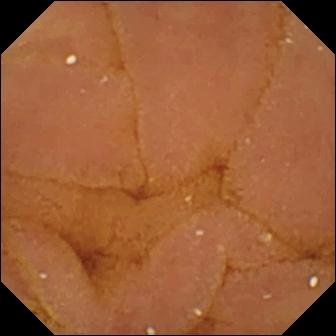This small-bowel capsule endoscopy still shows normal clean mucosa.